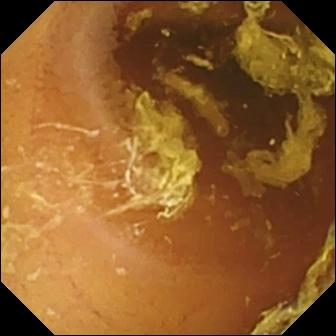This wireless capsule endoscopy view shows normal clean mucosa.